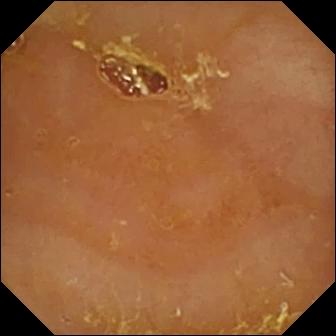{"modality": "video capsule endoscopy", "category": "luminal finding", "finding": "reduced mucosal view (content or bubbles obscuring the mucosa)"}